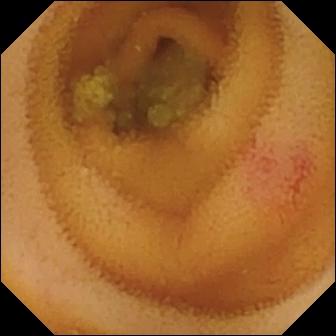This video capsule endoscopy image shows angiectasia.